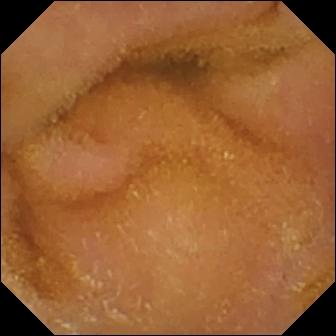Video capsule endoscopy. Finding: normal clean mucosa.